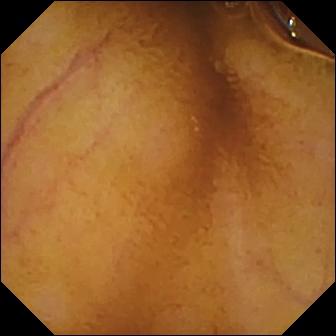- modality: VCE
- impression: normal clean mucosa